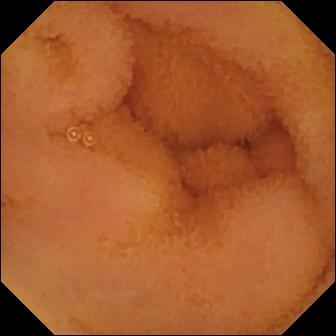modality: wireless capsule endoscopy | label: normal clean mucosa